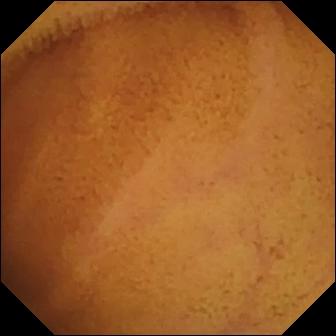{"modality": "WCE", "category": "luminal finding", "finding": "normal clean mucosa"}